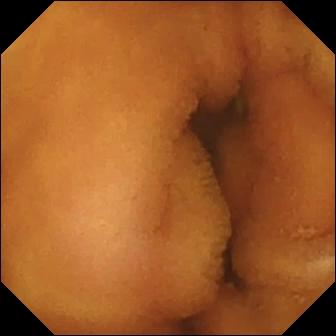Normal clean mucosa — WCE snapshot.